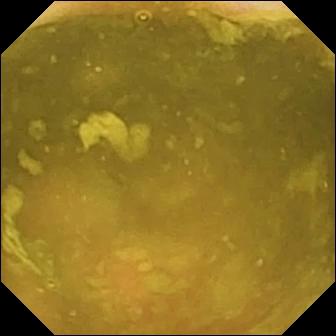modality: capsule endoscopy | position: ileo-cecal valve region